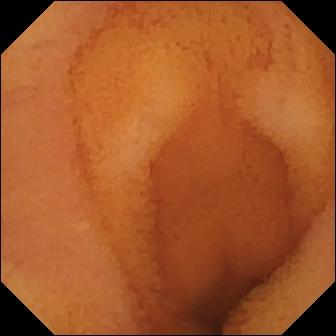{"modality": "capsule endoscopy", "segment": "small bowel", "finding": "normal clean mucosa"}